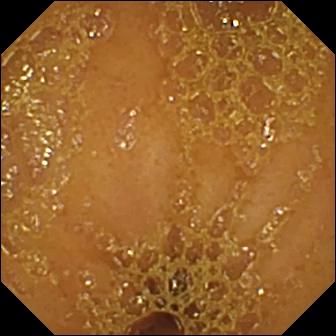Small-bowel capsule endoscopy — ileo-cecal valve region (the transition from the small bowel to the large bowel).